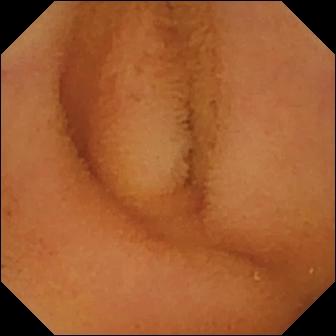Wireless capsule endoscopy image of the small bowel showing normal clean mucosa.